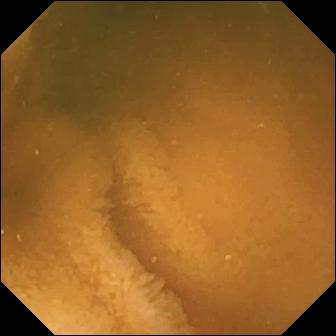Video capsule endoscopy snapshot showing normal clean mucosa.